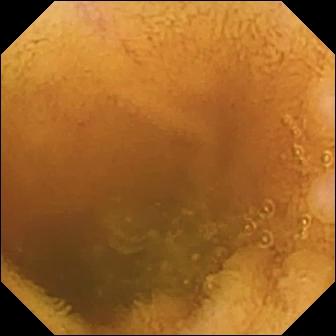Capsule endoscopy view of the small bowel showing normal clean mucosa.